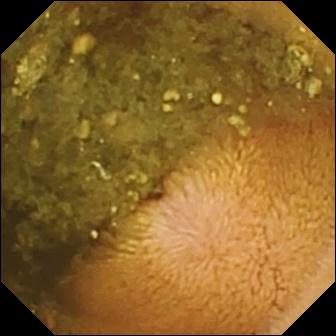WCE image. Reduced mucosal view (content or bubbles obscuring the mucosa).